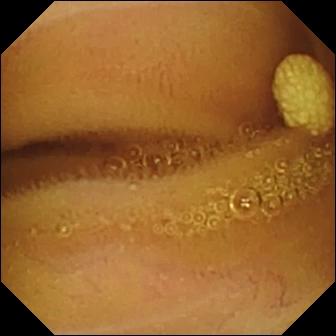Q: What does this WCE snapshot show?
A: Lymphangiectasia.